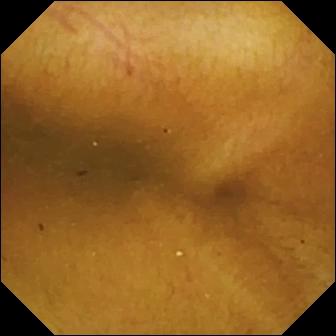Normal clean mucosa — wireless capsule endoscopy frame.